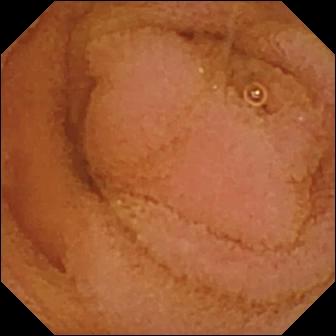- modality: VCE
- segment: small intestine
- category: luminal finding
- observation: normal clean mucosa